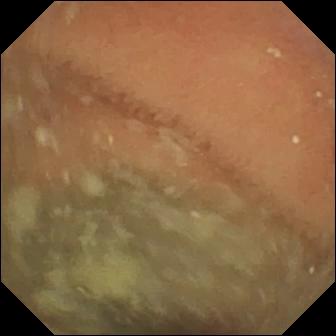WCE — normal clean mucosa.